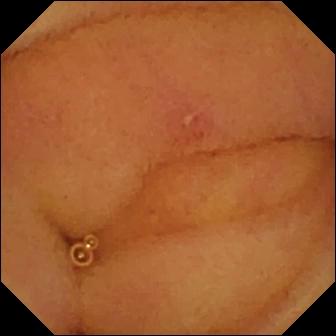VCE image showing erosion.